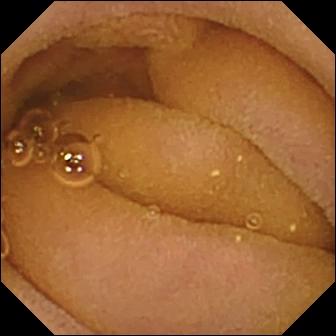modality: VCE; segment: small intestine; impression: normal clean mucosa